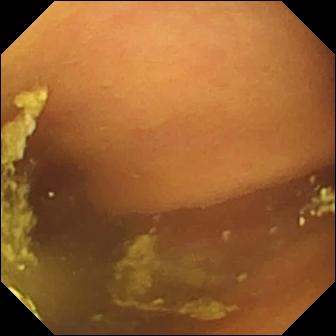- modality: small-bowel capsule endoscopy
- impression: foreign body (e.g. retained capsule, tablet residue)